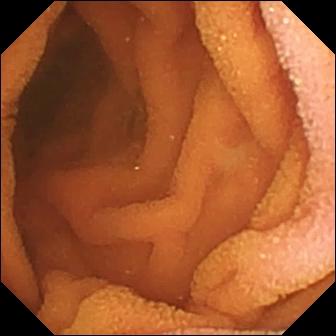Small-bowel capsule endoscopy frame showing normal clean mucosa.